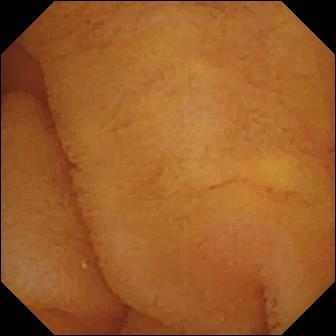This WCE frame shows normal clean mucosa.